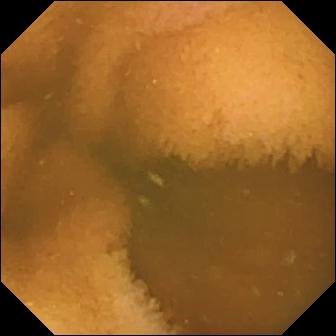Normal clean mucosa.